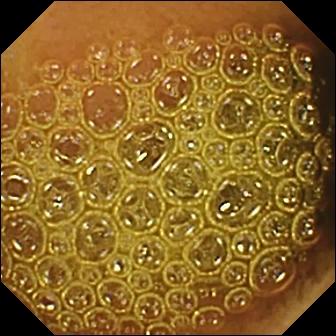Small-bowel capsule endoscopy. Small bowel. Observation: reduced mucosal view (content or bubbles obscuring the mucosa).